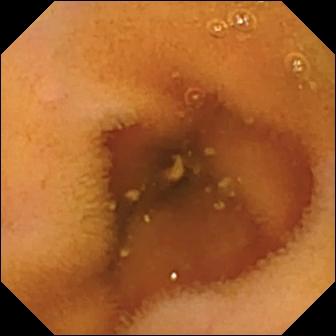{"modality": "video capsule endoscopy", "segment": "small intestine", "finding": "normal clean mucosa"}